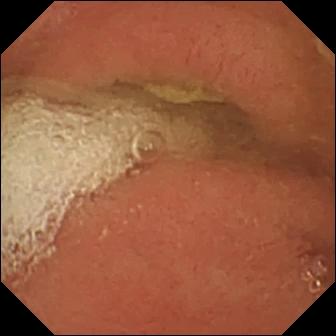WCE image taken in the pylorus region (where the capsule passes from the stomach into the small bowel).